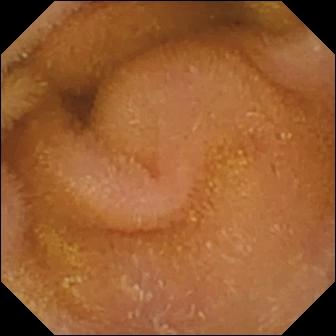Small-bowel capsule endoscopy still. Normal clean mucosa.